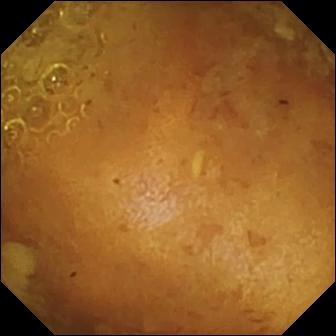{"modality": "WCE", "category": "luminal finding", "finding": "reduced mucosal view (content or bubbles obscuring the mucosa)"}